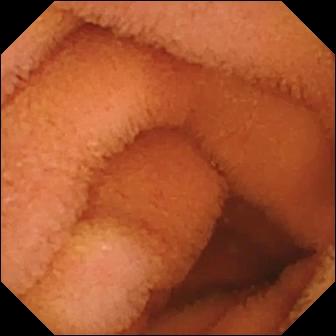Normal clean mucosa.